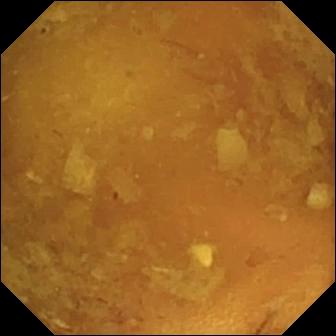Q: What does this small-bowel capsule endoscopy frame show?
A: Reduced mucosal view (content or bubbles obscuring the mucosa).